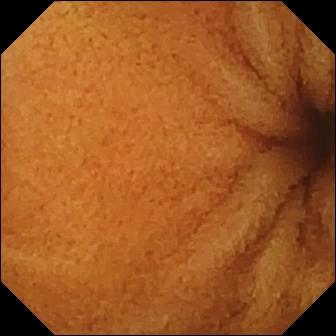PROCEDURE: Wireless capsule endoscopy.
SEGMENT: Small intestine.
FINDINGS: Normal clean mucosa.